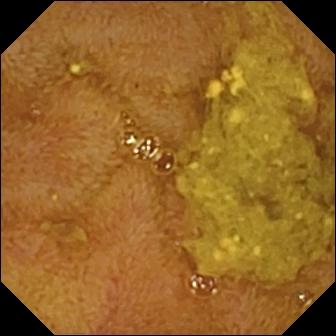WCE. Near an anatomical landmark. Position: ileo-cecal valve region.